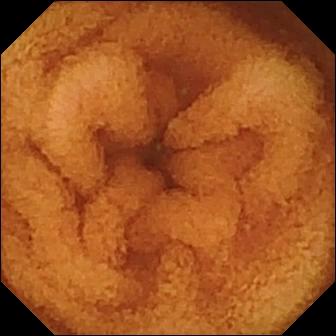This small-bowel capsule endoscopy still shows normal clean mucosa.